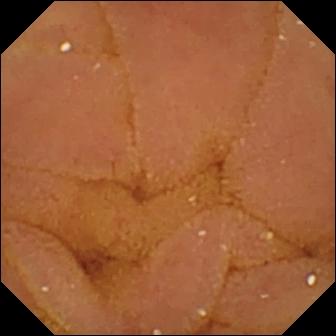Small-bowel capsule endoscopy still. Normal clean mucosa.